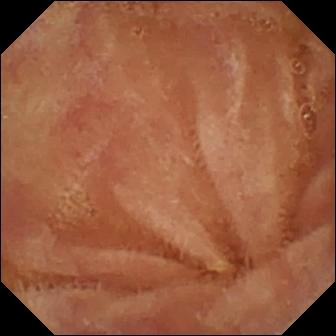Wireless capsule endoscopy — normal clean mucosa.